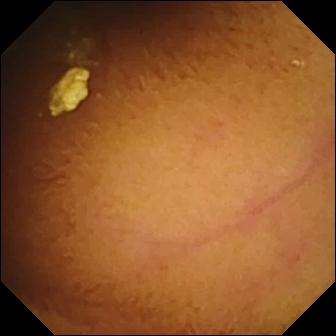{"modality": "wireless capsule endoscopy", "segment": "small intestine", "finding": "normal clean mucosa"}